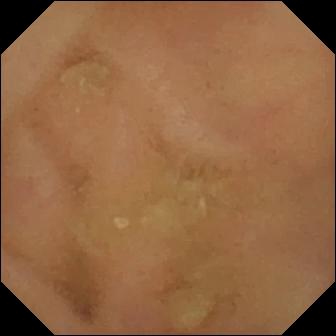Wireless capsule endoscopy view
Finding: normal clean mucosa